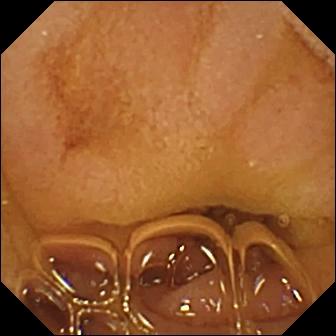Normal clean mucosa — small-bowel capsule endoscopy view of the small intestine.